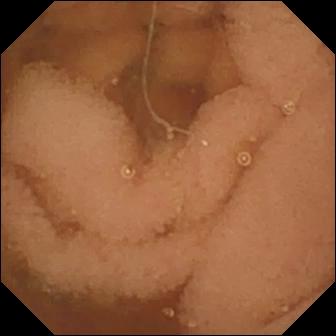Capsule endoscopy snapshot, small intestine
Finding: normal clean mucosa